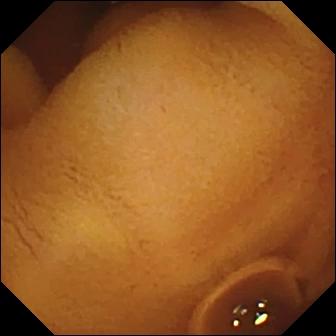PROCEDURE: Capsule endoscopy.
SEGMENT: Small intestine.
FINDINGS: Normal clean mucosa.